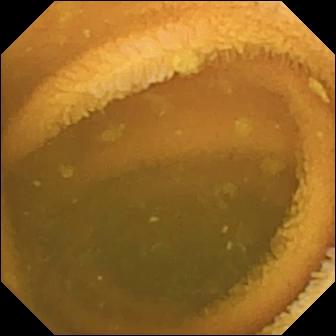modality: wireless capsule endoscopy | observation: normal clean mucosa